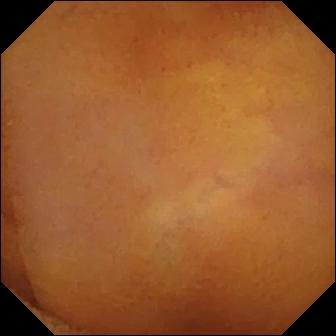{"modality": "VCE", "segment": "small intestine", "category": "luminal finding", "finding": "normal clean mucosa"}